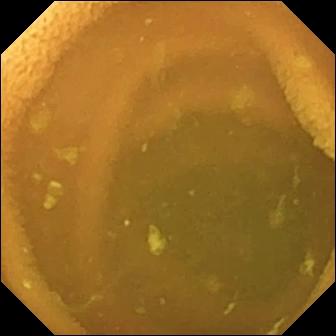Normal clean mucosa — video capsule endoscopy view of the small bowel.